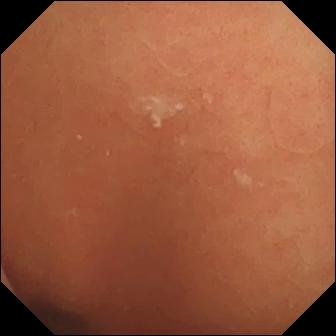WCE — normal clean mucosa.